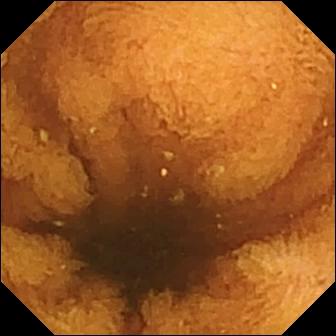{"modality": "wireless capsule endoscopy", "category": "luminal finding", "finding": "normal clean mucosa"}